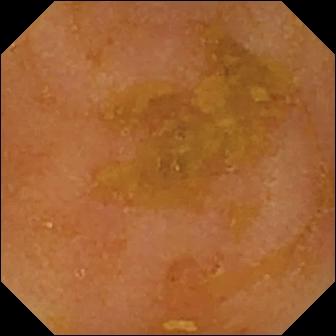VCE view showing reduced mucosal view (content or bubbles obscuring the mucosa).